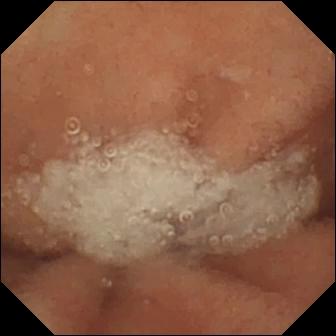WCE — normal clean mucosa.